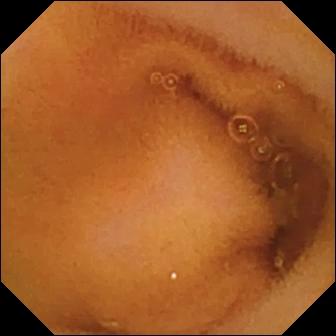modality: video capsule endoscopy; segment: small bowel; category: luminal finding; label: normal clean mucosa